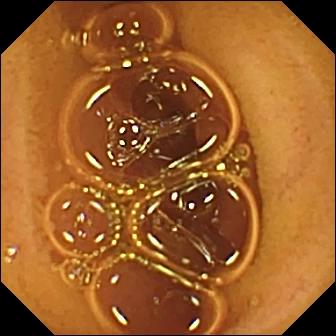{"modality": "capsule endoscopy", "finding": "normal clean mucosa"}